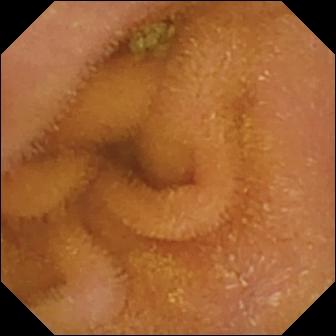Normal clean mucosa — video capsule endoscopy frame of the small bowel.